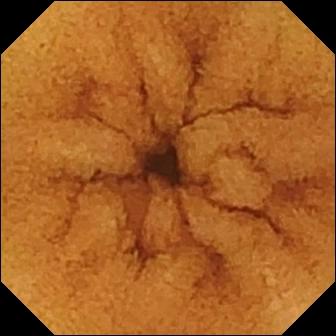WCE frame showing normal clean mucosa.